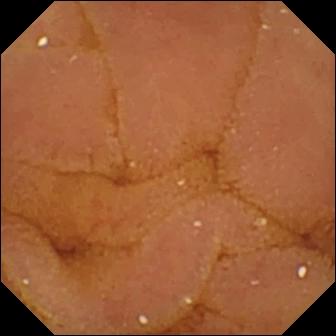VCE — normal clean mucosa.